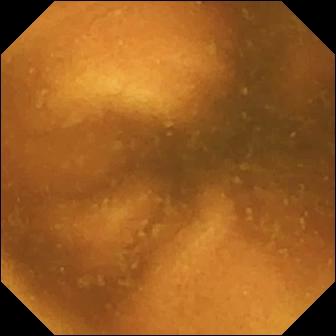Small-bowel capsule endoscopy image. Normal clean mucosa.